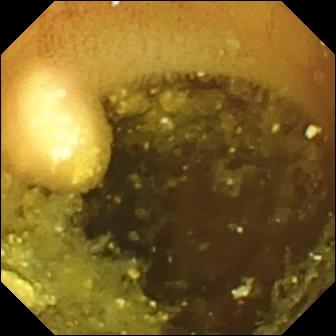- modality: capsule endoscopy
- category: luminal finding
- finding: lymphangiectasia